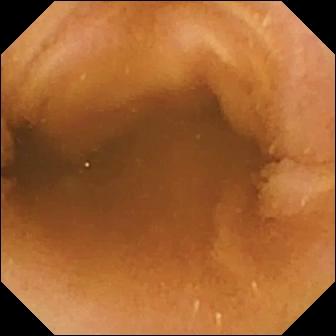Capsule endoscopy. Label: normal clean mucosa.